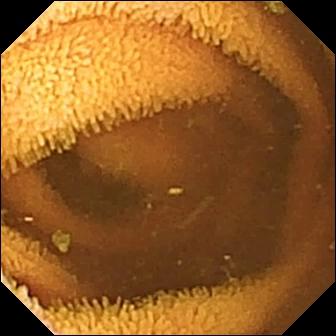Normal clean mucosa — VCE still.